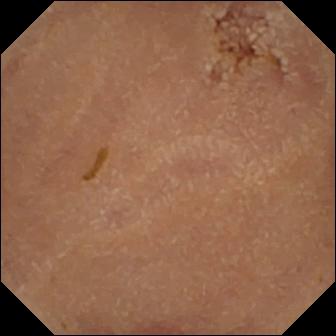Video capsule endoscopy — normal clean mucosa.